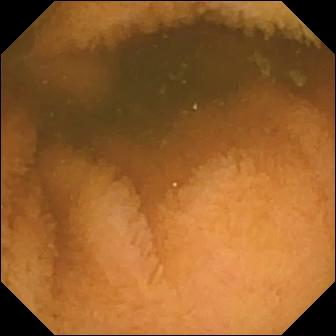Video capsule endoscopy view
Finding: normal clean mucosa